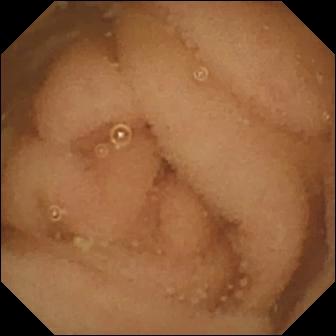VCE — normal clean mucosa.